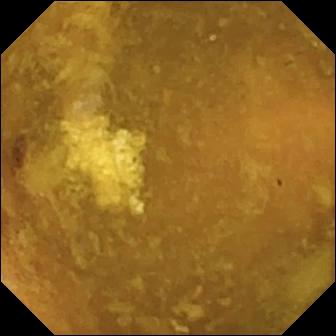Q: What does this capsule endoscopy view of the small intestine show?
A: Reduced mucosal view (content or bubbles obscuring the mucosa).